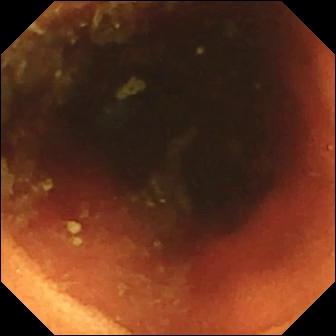WCE snapshot. Taken in the ileo-cecal valve region (where the capsule passes from the small bowel into the large bowel).